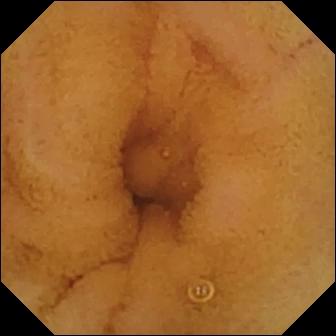- modality: VCE
- observation: normal clean mucosa